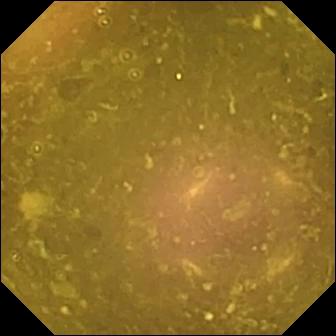- modality: video capsule endoscopy
- segment: small bowel
- observation: reduced mucosal view (content or bubbles obscuring the mucosa)